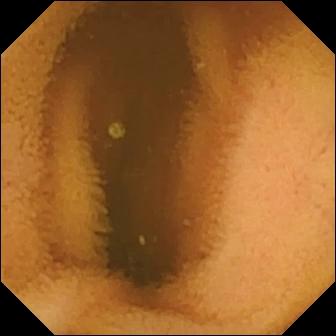Q: What does this WCE snapshot of the small bowel show?
A: Normal clean mucosa.